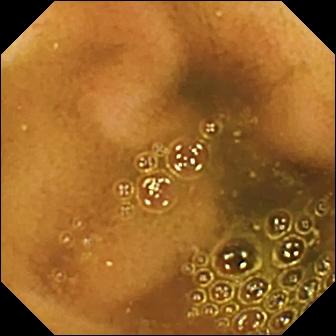{"modality": "wireless capsule endoscopy", "label": "ileo-cecal valve region (the transition from the small bowel to the large bowel)"}